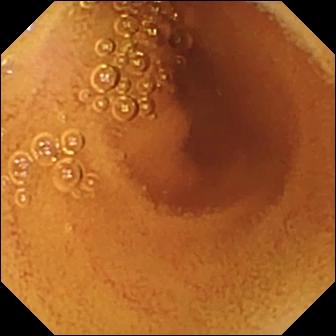{"modality": "wireless capsule endoscopy", "segment": "small intestine", "finding": "normal clean mucosa"}